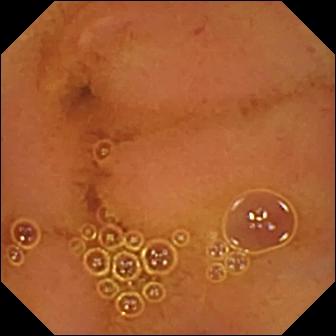Normal clean mucosa (336×336).